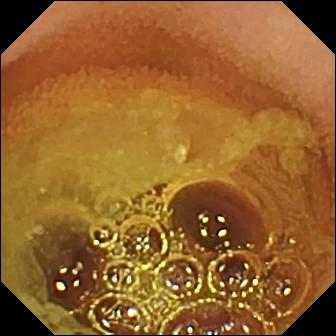VCE. Small intestine. Label: normal clean mucosa.